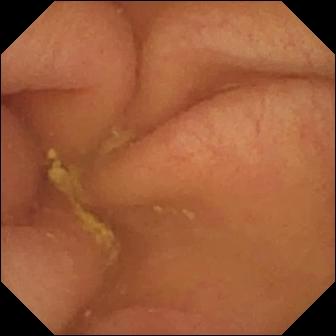Video capsule endoscopy frame
Position: pylorus region (the junction between the stomach and the small bowel)